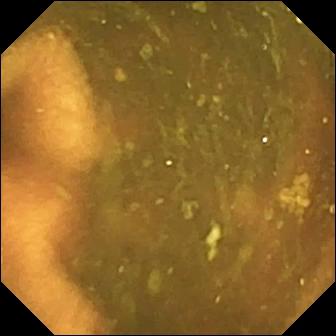Video capsule endoscopy still taken in the ileo-cecal valve region (the transition from the small bowel to the large bowel).